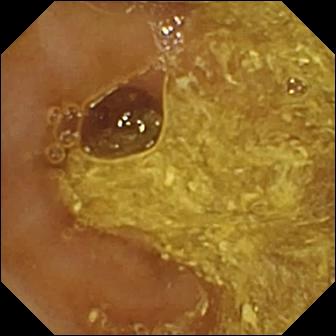Capsule endoscopy snapshot showing reduced mucosal view (content or bubbles obscuring the mucosa).